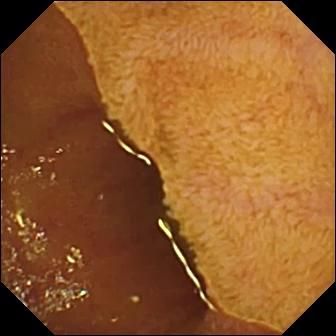Capsule endoscopy snapshot taken in the ileo-cecal valve region (the transition from the small bowel to the large bowel).